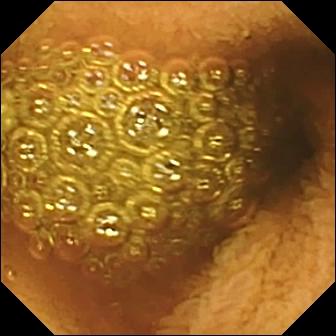Capsule endoscopy snapshot showing reduced mucosal view (content or bubbles obscuring the mucosa).